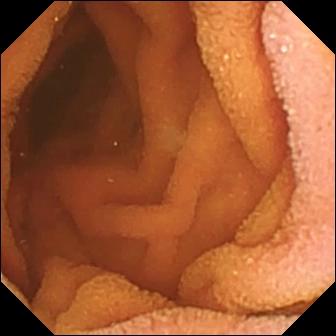Small-bowel capsule endoscopy view showing normal clean mucosa.